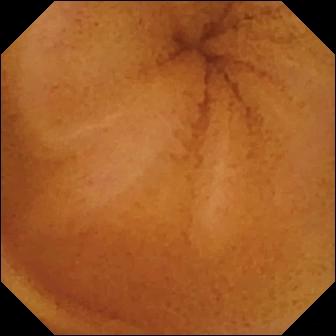Normal clean mucosa (336×336).